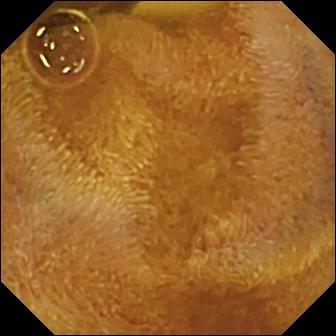Q: What does this video capsule endoscopy snapshot show?
A: Foreign body (e.g. retained capsule, tablet residue).